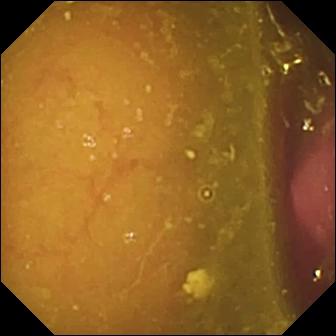Q: What does this WCE image of the small bowel show?
A: Reduced mucosal view (content or bubbles obscuring the mucosa).